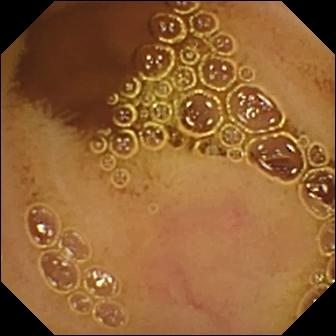- modality: VCE
- label: normal clean mucosa